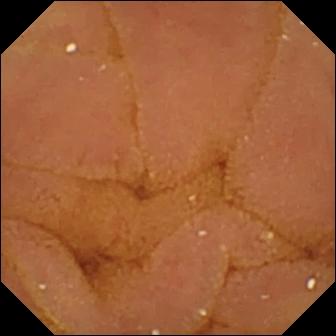Normal clean mucosa.